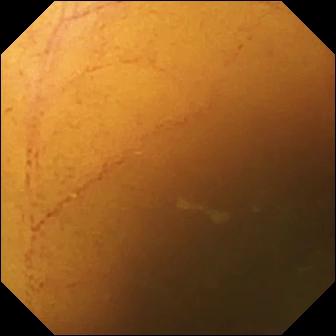Wireless capsule endoscopy. Small intestine. Luminal finding. Observation: normal clean mucosa.